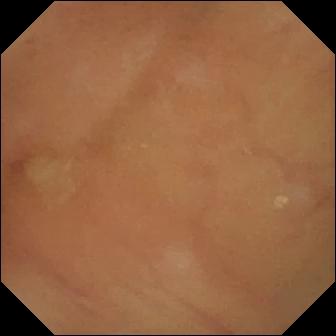Small-bowel capsule endoscopy still showing normal clean mucosa.